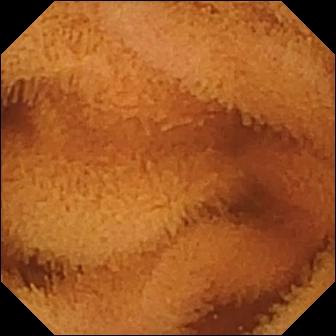Q: What does this small-bowel capsule endoscopy view of the small intestine show?
A: Normal clean mucosa.